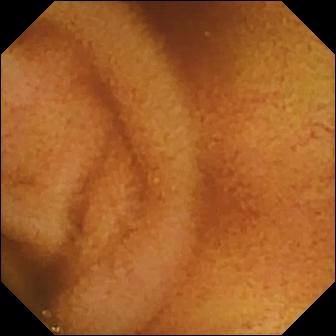Normal clean mucosa — VCE view.